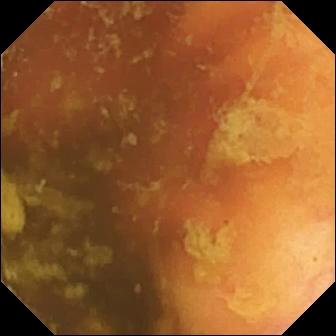Ileo-cecal valve region.